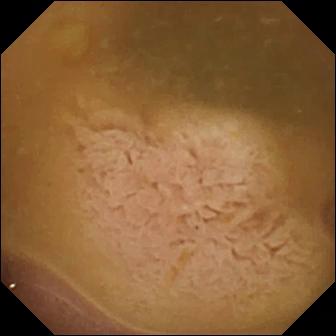Capsule endoscopy. Near an anatomical landmark. Video segment: ileo-cecal valve region (the transition from the small bowel to the large bowel).